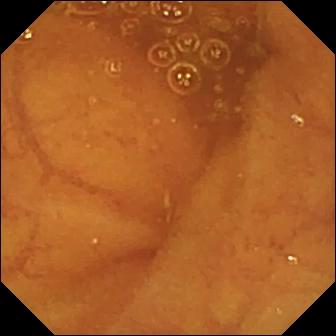Ileo-cecal valve region (the transition from the small bowel to the large bowel) — capsule endoscopy frame.